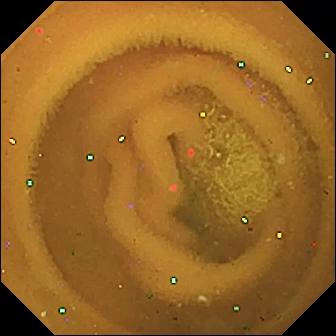{"modality": "WCE", "segment": "small bowel", "finding": "normal clean mucosa"}